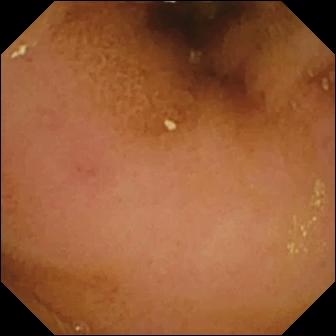Capsule endoscopy snapshot showing normal clean mucosa.